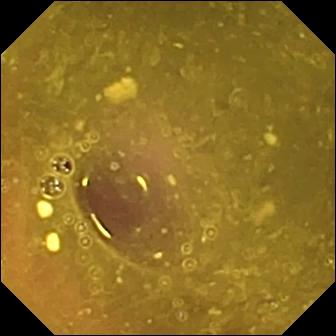Small-bowel capsule endoscopy. Small intestine. Luminal finding. Label: reduced mucosal view (content or bubbles obscuring the mucosa).